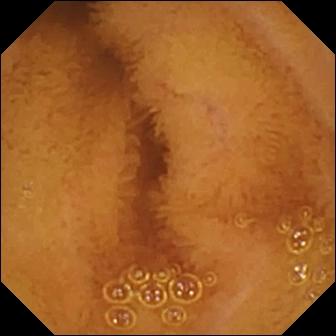Capsule endoscopy — normal clean mucosa.